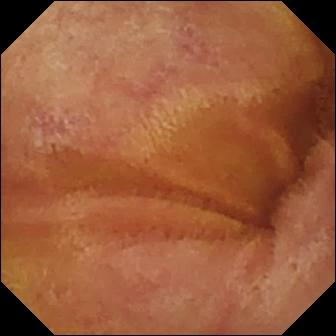Normal clean mucosa.